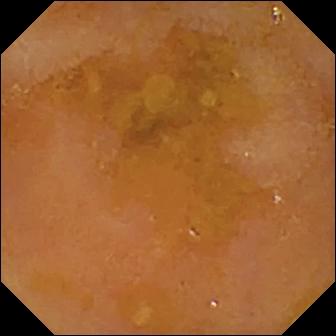Q: What does this WCE image of the small bowel show?
A: Reduced mucosal view (content or bubbles obscuring the mucosa).